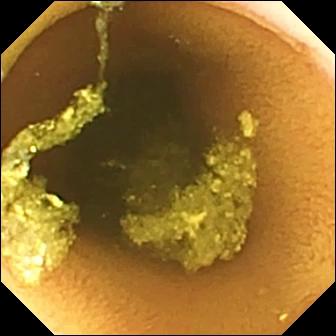PROCEDURE: Capsule endoscopy.
FINDINGS: Normal clean mucosa.